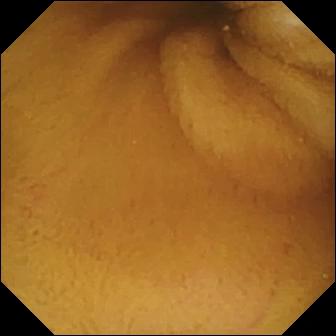PROCEDURE: Capsule endoscopy.
SEGMENT: Small bowel.
FINDINGS: Normal clean mucosa.